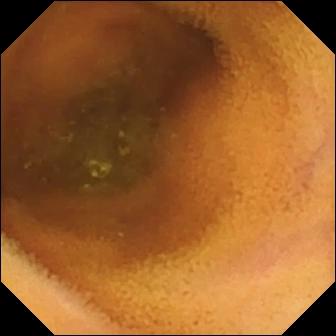{"modality": "wireless capsule endoscopy", "segment": "small bowel", "finding": "normal clean mucosa"}